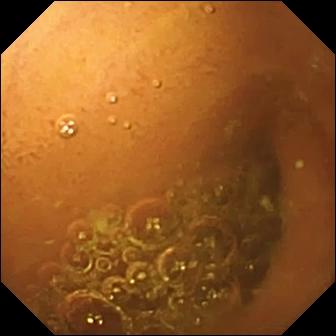Wireless capsule endoscopy view of the small bowel showing normal clean mucosa.